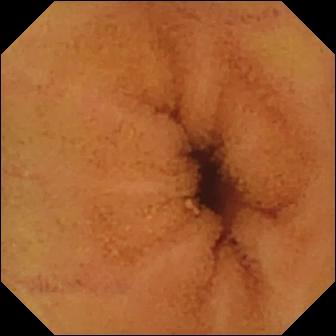Video capsule endoscopy — normal clean mucosa.